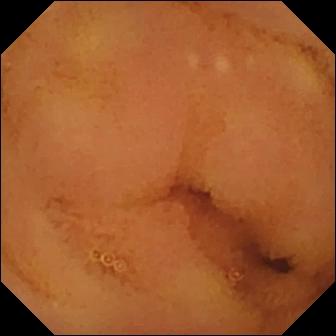modality: WCE
segment: small intestine
finding: normal clean mucosa